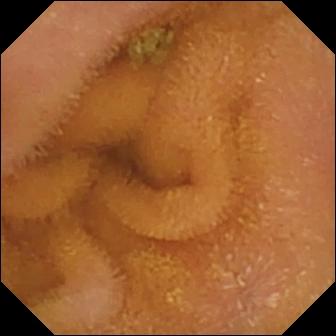WCE frame, small bowel
Impression: normal clean mucosa